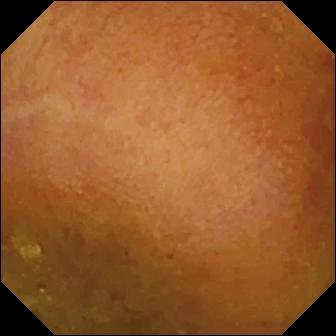PROCEDURE: Small-bowel capsule endoscopy.
FINDINGS: Reduced mucosal view (content or bubbles obscuring the mucosa).